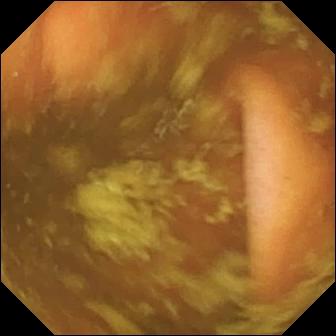Ileo-cecal valve region (where the capsule passes from the small bowel into the large bowel).